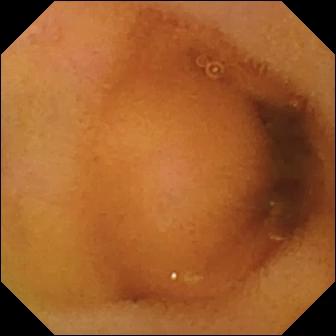Video capsule endoscopy view (small bowel), 336×336. Normal clean mucosa.